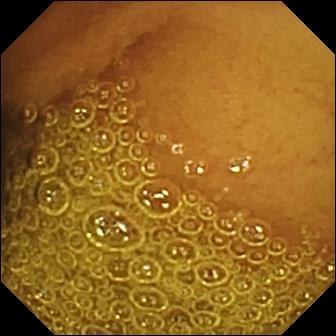WCE — normal clean mucosa.